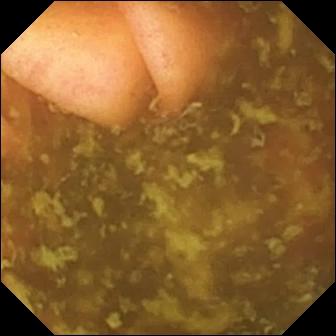PROCEDURE: Capsule endoscopy.
LABEL: Ileo-cecal valve region.